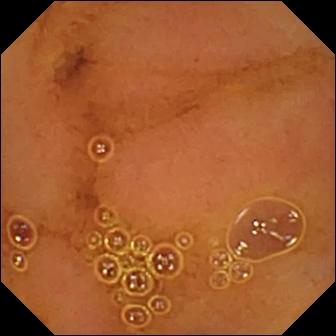Normal clean mucosa — VCE image of the small intestine.